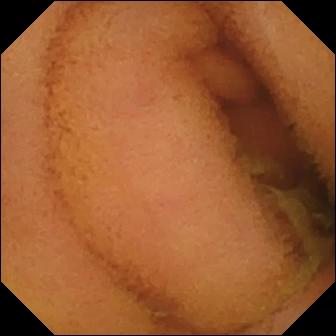Normal clean mucosa — WCE view of the small bowel.